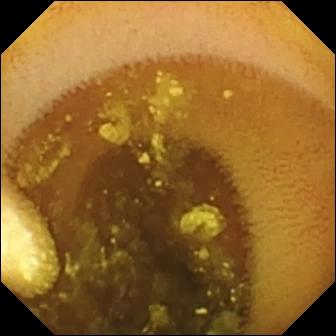Capsule endoscopy. Finding: lymphangiectasia.